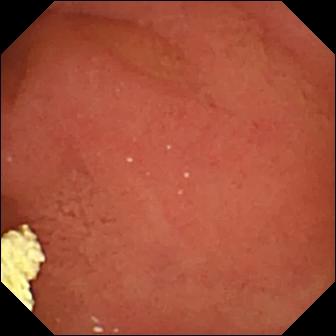- modality: WCE
- category: anatomical landmark
- position: pylorus region